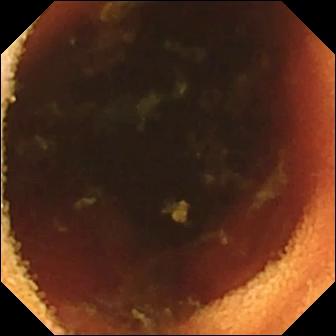{"modality": "small-bowel capsule endoscopy", "video_segment": "ileo-cecal valve region (where the capsule passes from the small bowel into the large bowel)"}